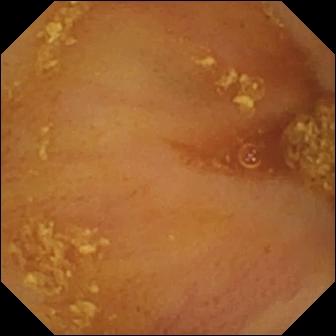modality: capsule endoscopy
category: anatomical landmark
position: ileo-cecal valve region (where the capsule passes from the small bowel into the large bowel)